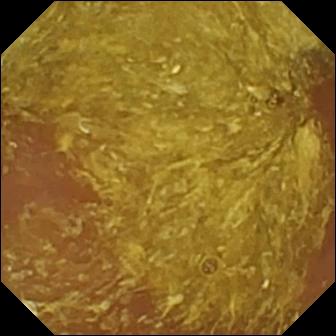Reduced mucosal view (content or bubbles obscuring the mucosa).